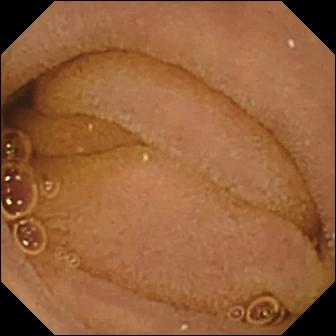This VCE still shows normal clean mucosa.